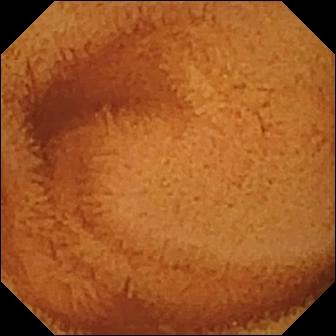Capsule endoscopy — normal clean mucosa.